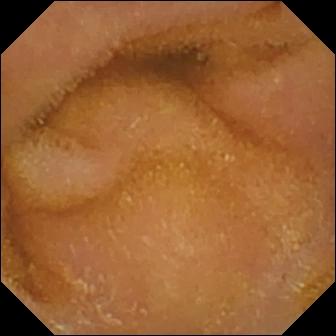WCE image
Label: normal clean mucosa